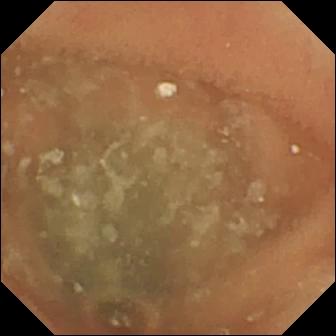{"modality": "small-bowel capsule endoscopy", "category": "luminal finding", "finding": "normal clean mucosa"}